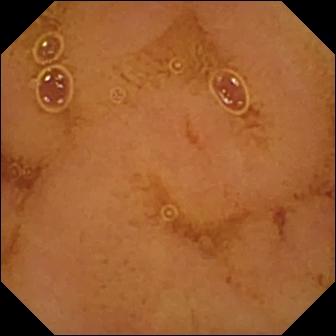Capsule endoscopy still
Observation: normal clean mucosa